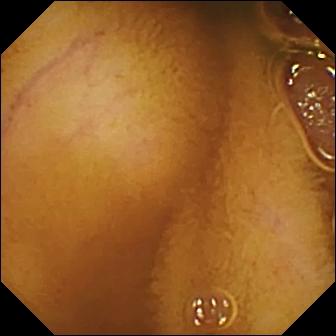This capsule endoscopy still shows normal clean mucosa.